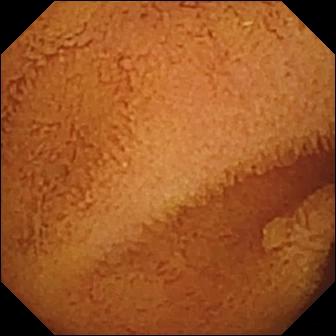- modality: capsule endoscopy
- finding: normal clean mucosa